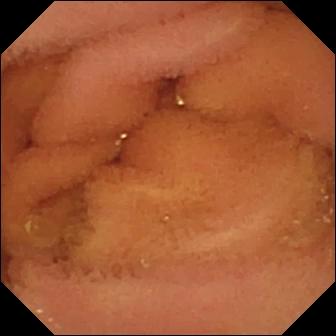Normal clean mucosa — WCE image.